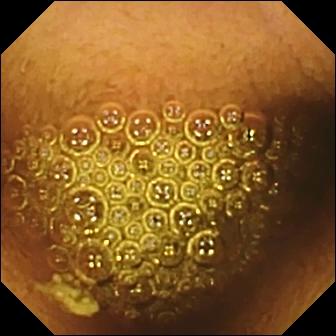Capsule endoscopy. Impression: reduced mucosal view (content or bubbles obscuring the mucosa).